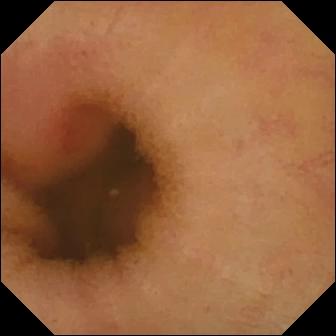modality: video capsule endoscopy
observation: erythema (mucosal redness)